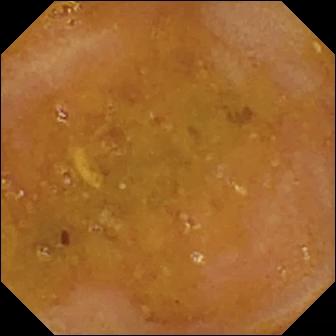PROCEDURE: Capsule endoscopy.
SEGMENT: Small bowel.
FINDINGS: Reduced mucosal view (content or bubbles obscuring the mucosa).